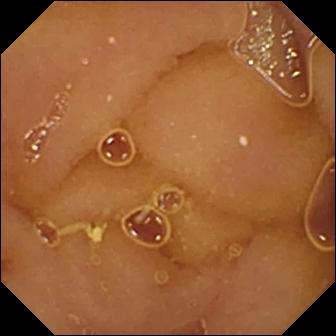Capsule endoscopy still showing normal clean mucosa.